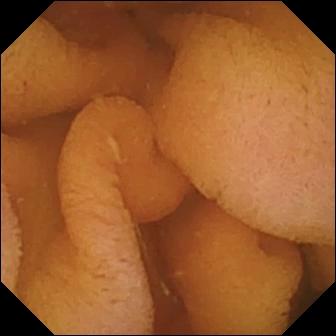modality: VCE
finding: normal clean mucosa